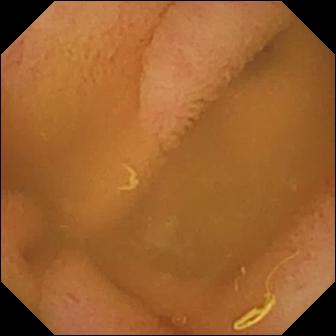modality: WCE; segment: small bowel; finding: normal clean mucosa